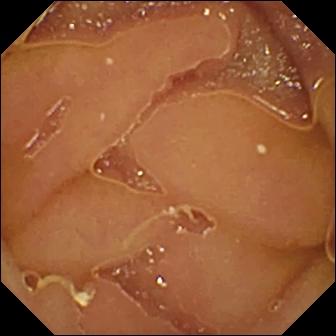Q: What does this small-bowel capsule endoscopy view show?
A: Normal clean mucosa.